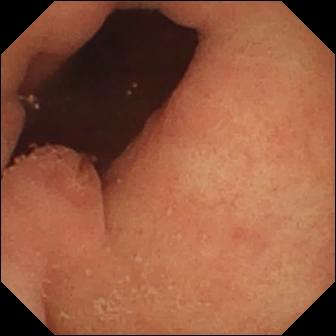Q: Where in the digestive tract was this capsule endoscopy still taken?
A: Pylorus region.